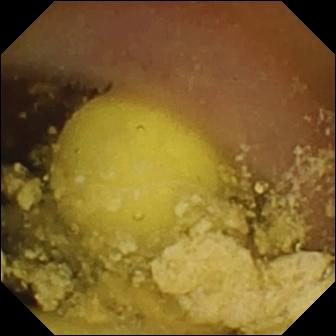VCE image
Impression: foreign body (e.g. retained capsule, tablet residue)